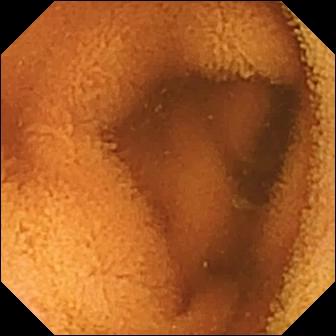Small-bowel capsule endoscopy snapshot, small intestine
Impression: normal clean mucosa